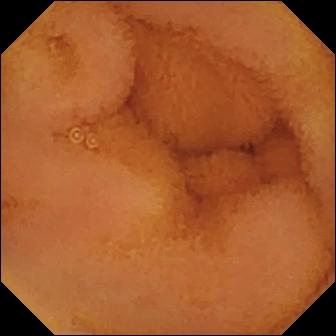Q: What does this small-bowel capsule endoscopy view of the small intestine show?
A: Normal clean mucosa.